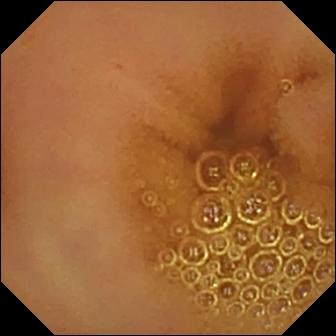Small-bowel capsule endoscopy view, small intestine
Observation: normal clean mucosa